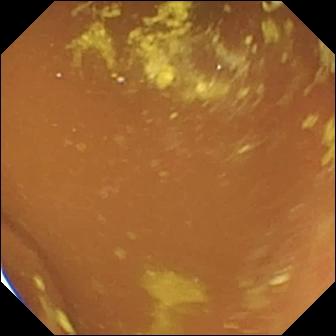Capsule endoscopy image showing foreign body (e.g. retained capsule, tablet residue).